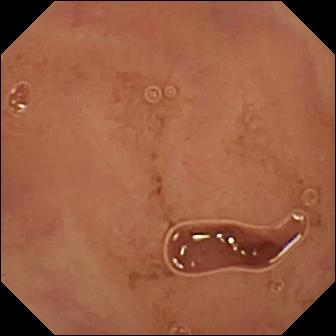- modality: WCE
- label: normal clean mucosa